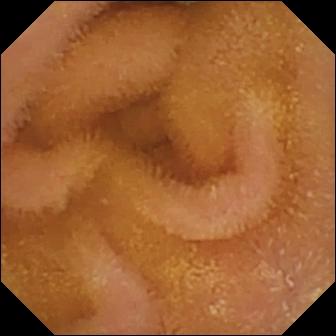Wireless capsule endoscopy image, small intestine
Label: normal clean mucosa